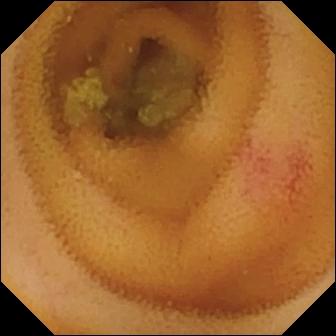PROCEDURE: WCE.
FINDINGS: Angiectasia.